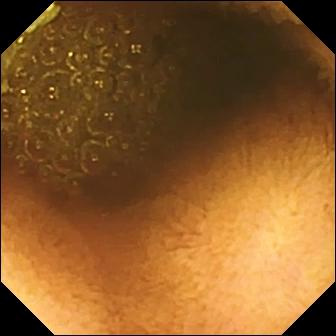Reduced mucosal view (content or bubbles obscuring the mucosa).